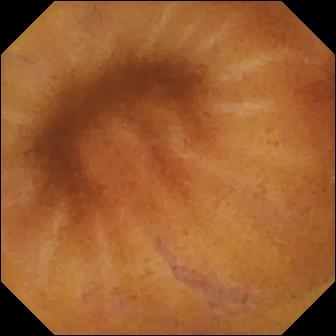{"modality": "capsule endoscopy", "finding": "normal clean mucosa"}